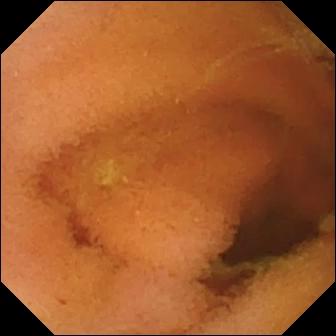modality: video capsule endoscopy; label: normal clean mucosa